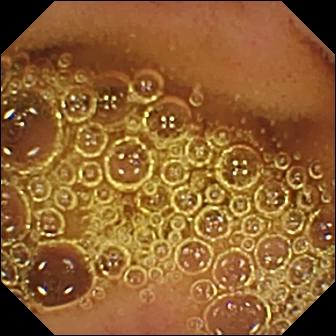Small-bowel capsule endoscopy image
Impression: normal clean mucosa